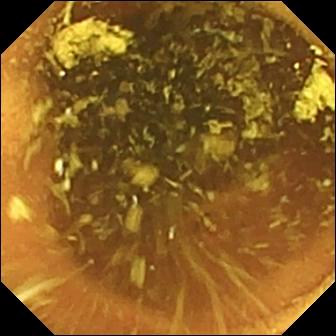modality: video capsule endoscopy | category: luminal finding | finding: normal clean mucosa